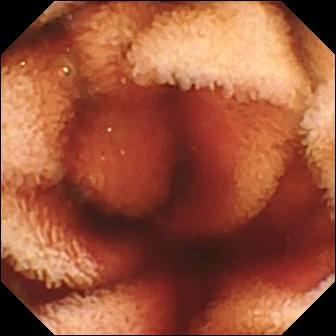Capsule endoscopy — fresh blood in the lumen.